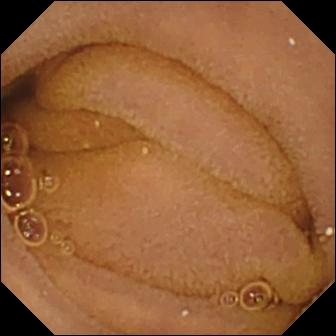Small-bowel capsule endoscopy snapshot, small intestine
Label: normal clean mucosa